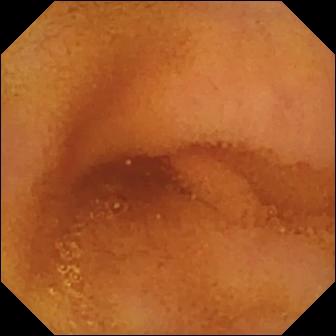- modality: capsule endoscopy
- finding: normal clean mucosa